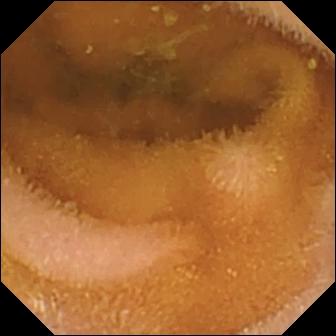modality: small-bowel capsule endoscopy
finding: normal clean mucosa